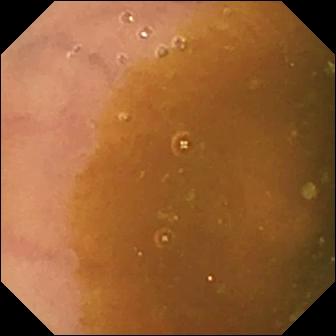Normal clean mucosa — video capsule endoscopy view.